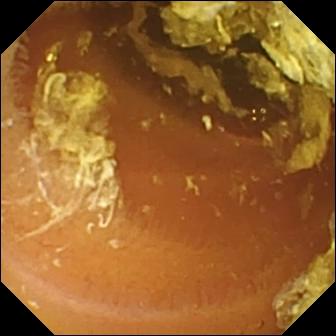Small-bowel capsule endoscopy image, small bowel
Impression: normal clean mucosa